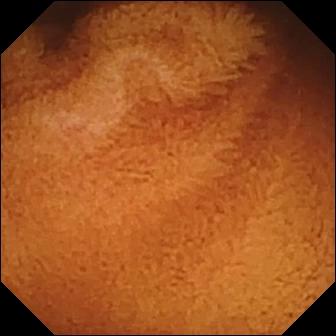VCE — normal clean mucosa.